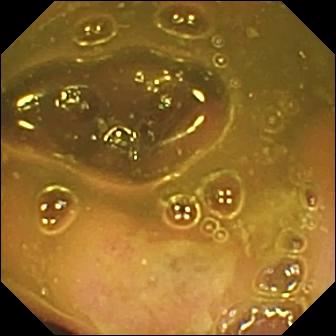Video capsule endoscopy. Near an anatomical landmark. Video segment: ileo-cecal valve region (the transition from the small bowel to the large bowel).